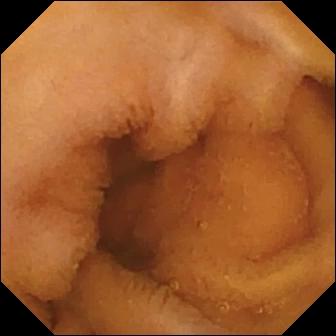PROCEDURE: Wireless capsule endoscopy.
FINDINGS: Normal clean mucosa.